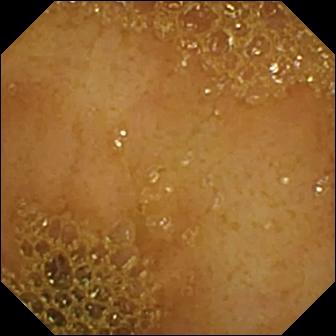Small-bowel capsule endoscopy frame taken in the ileo-cecal valve region (the transition from the small bowel to the large bowel).